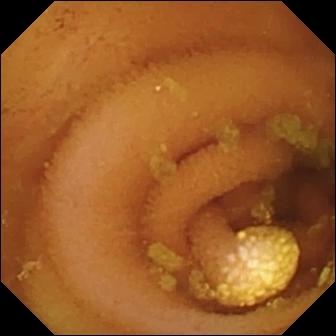- modality: WCE
- impression: lymphangiectasia